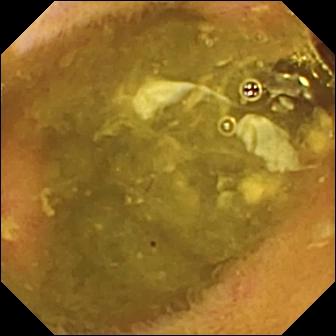Ulcer — small-bowel capsule endoscopy frame.